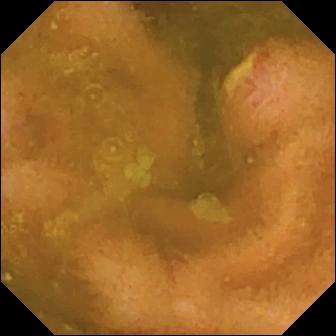{"modality": "WCE", "finding": "ulcer"}